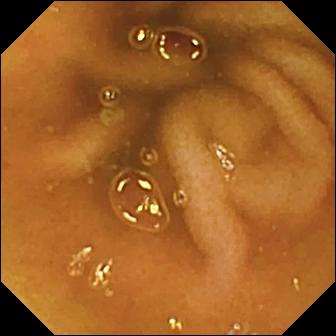WCE snapshot
Observation: normal clean mucosa